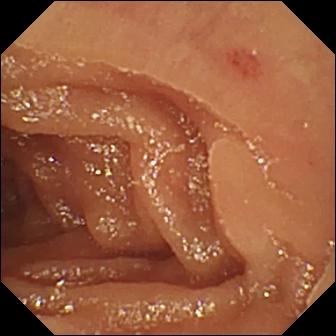Angiectasia — video capsule endoscopy frame.